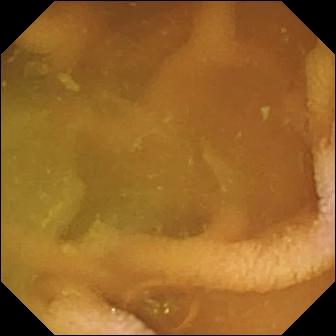{"modality": "wireless capsule endoscopy", "segment": "small intestine", "finding": "normal clean mucosa"}